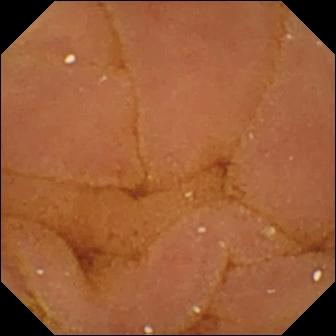{"modality": "video capsule endoscopy", "finding": "normal clean mucosa"}